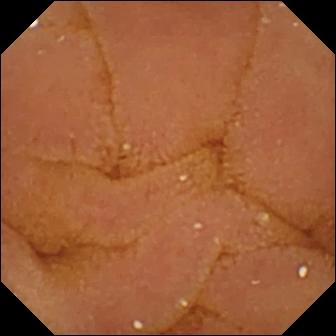PROCEDURE: Video capsule endoscopy.
SEGMENT: Small bowel.
FINDINGS: Normal clean mucosa.